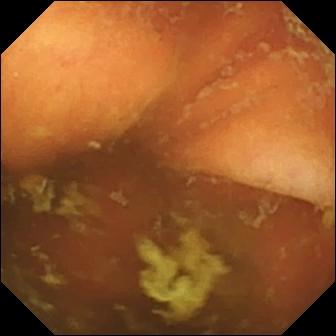Ileo-cecal valve region, 336×336.